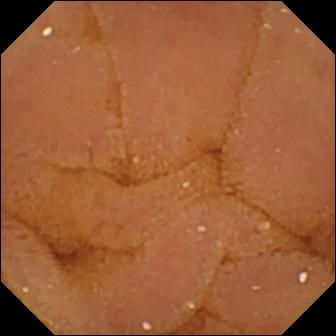- modality: capsule endoscopy
- segment: small intestine
- impression: normal clean mucosa